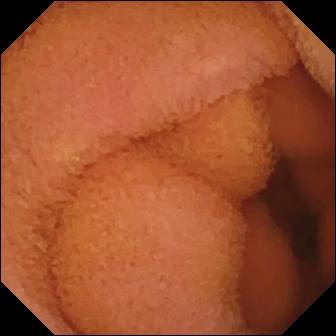Capsule endoscopy. Small intestine. Observation: normal clean mucosa.